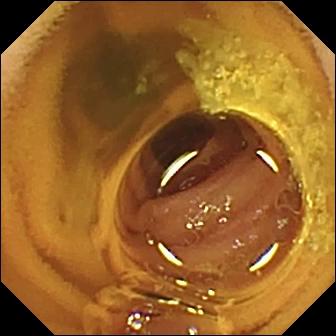Q: What does this wireless capsule endoscopy snapshot show?
A: Normal clean mucosa.